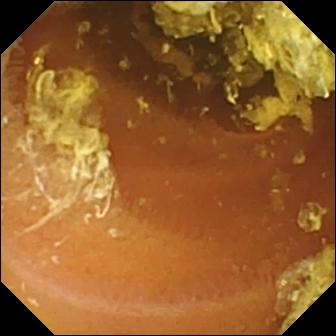modality: small-bowel capsule endoscopy
segment: small intestine
category: luminal finding
impression: normal clean mucosa